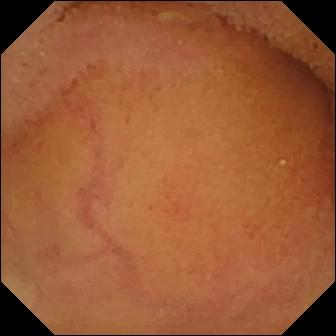Video capsule endoscopy image, small intestine
Label: normal clean mucosa